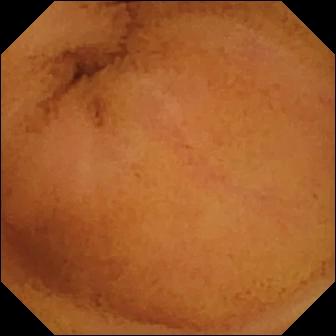Capsule endoscopy view
Finding: normal clean mucosa